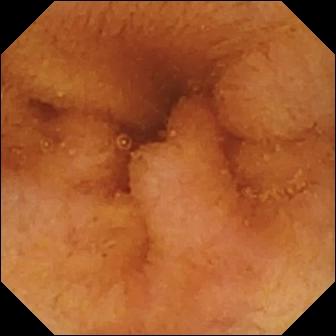Wireless capsule endoscopy snapshot
Impression: normal clean mucosa